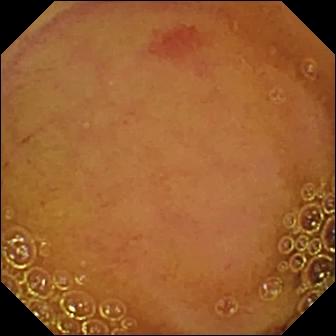This capsule endoscopy snapshot shows angiectasia.